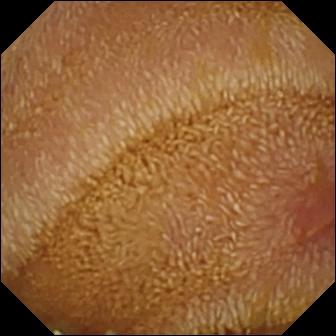Erosion — WCE image.